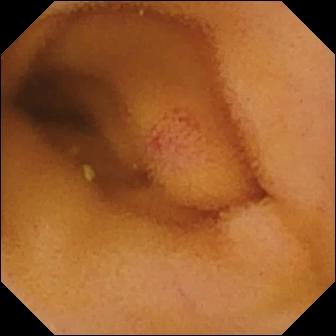Angiectasia — capsule endoscopy frame.